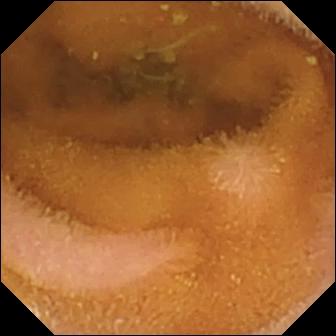Small-bowel capsule endoscopy image, small intestine
Impression: normal clean mucosa